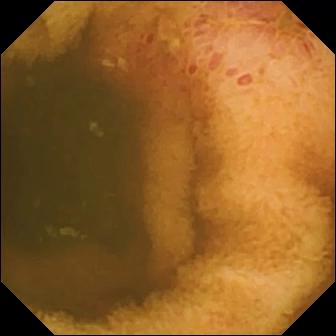Erosion — capsule endoscopy frame.